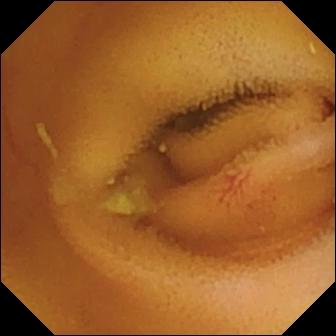VCE snapshot showing angiectasia.